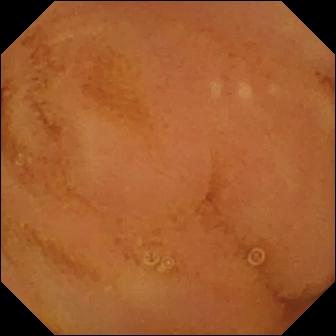Wireless capsule endoscopy view (small intestine). Normal clean mucosa.